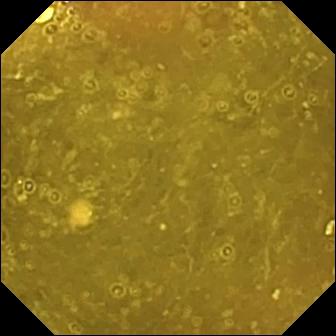PROCEDURE: WCE.
POSITION: Ileo-cecal valve region.